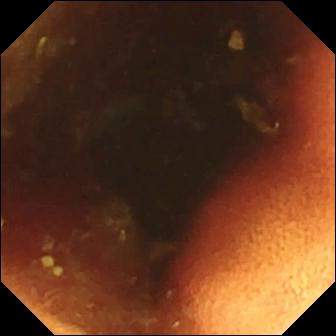WCE. Label: ileo-cecal valve region (where the capsule passes from the small bowel into the large bowel).